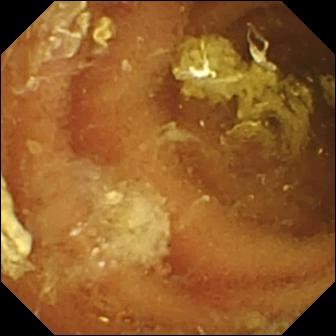Normal clean mucosa (336×336).